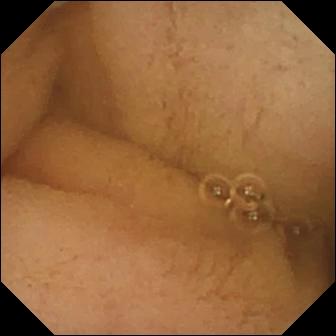Wireless capsule endoscopy still taken in the pylorus region (the junction between the stomach and the small bowel).